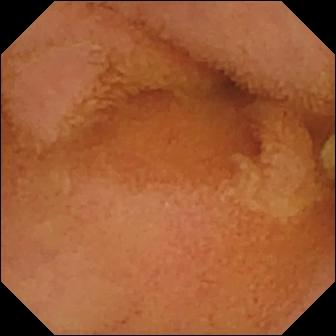VCE. Luminal finding. Finding: normal clean mucosa.